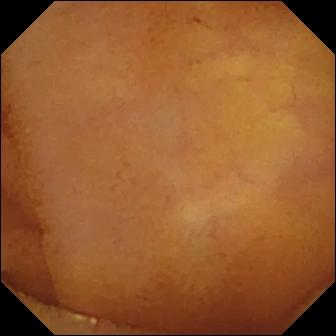{"modality": "capsule endoscopy", "category": "luminal finding", "finding": "normal clean mucosa"}